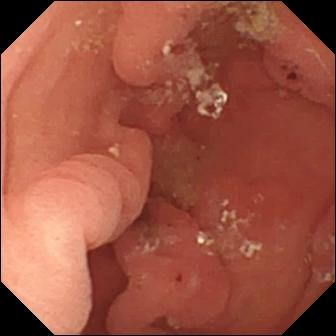{"modality": "wireless capsule endoscopy", "category": "luminal finding", "finding": "hematin (altered blood) on the mucosal surface"}